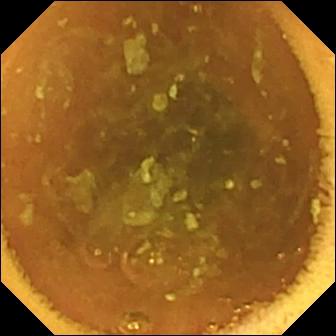PROCEDURE: Small-bowel capsule endoscopy.
FINDINGS: Normal clean mucosa.